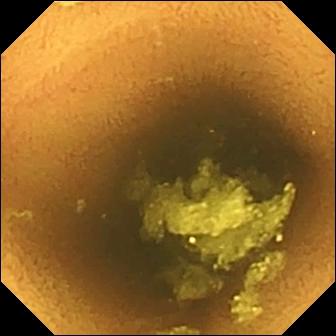{"modality": "VCE", "finding": "normal clean mucosa"}